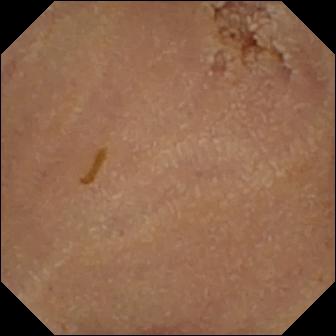Video capsule endoscopy — normal clean mucosa.